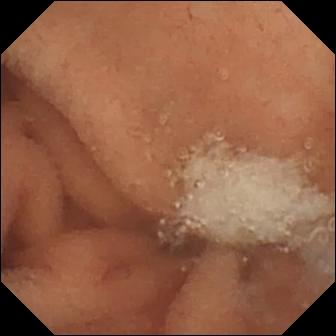modality: wireless capsule endoscopy
finding: normal clean mucosa